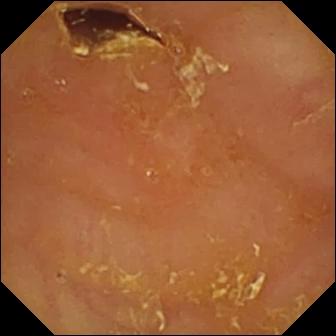modality: VCE | finding: reduced mucosal view (content or bubbles obscuring the mucosa)